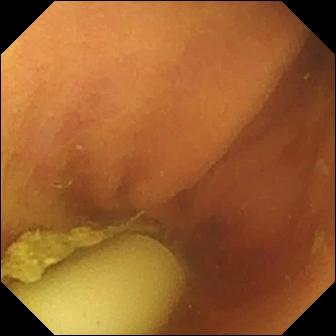VCE. Impression: foreign body (e.g. retained capsule, tablet residue).